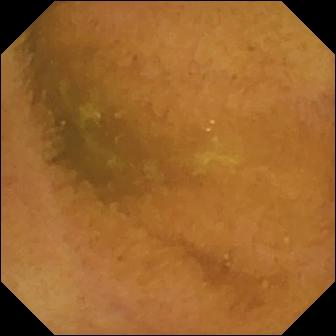Wireless capsule endoscopy frame (small bowel), 336×336. Normal clean mucosa.